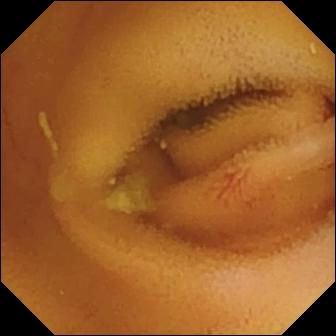- modality: WCE
- finding: angiectasia